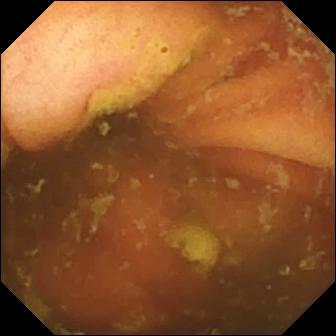Capsule endoscopy snapshot. Taken in the ileo-cecal valve region (where the capsule passes from the small bowel into the large bowel).